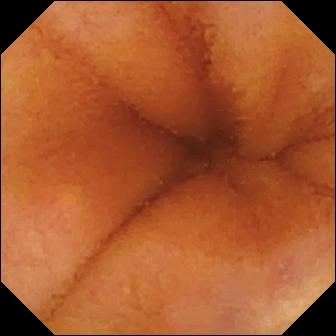This WCE view shows normal clean mucosa.